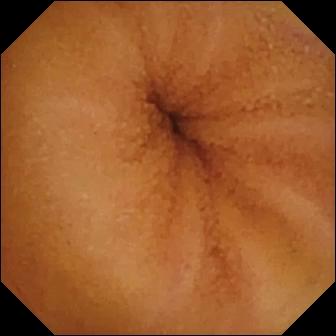Video capsule endoscopy. Small bowel. Label: normal clean mucosa.